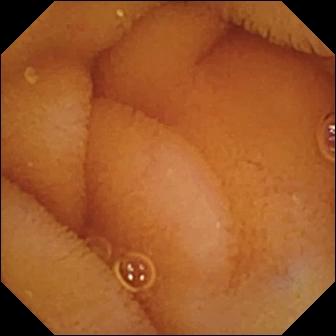PROCEDURE: Video capsule endoscopy.
FINDINGS: Normal clean mucosa.